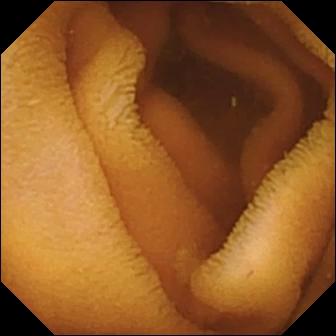WCE still. Normal clean mucosa.